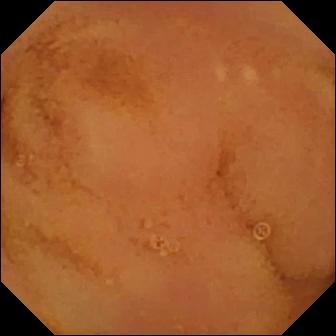Normal clean mucosa — wireless capsule endoscopy snapshot of the small intestine.